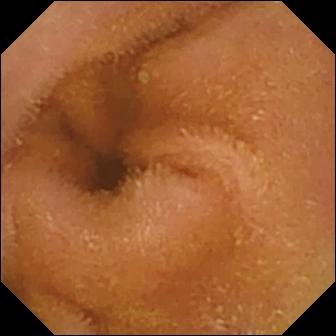Wireless capsule endoscopy snapshot
Observation: normal clean mucosa